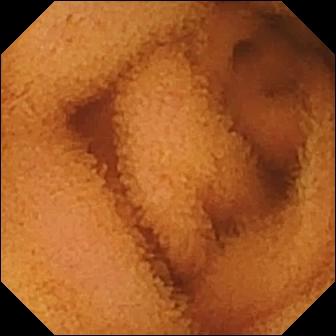Video capsule endoscopy. Observation: normal clean mucosa.